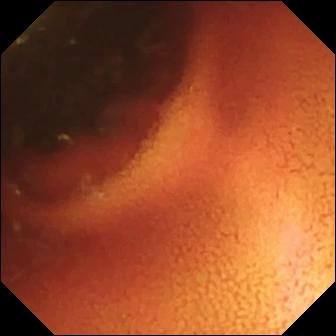Ileo-cecal valve region (the transition from the small bowel to the large bowel) — video capsule endoscopy snapshot.